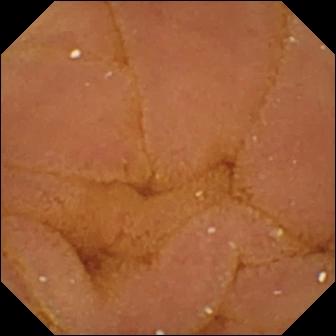Capsule endoscopy still of the small intestine showing normal clean mucosa.